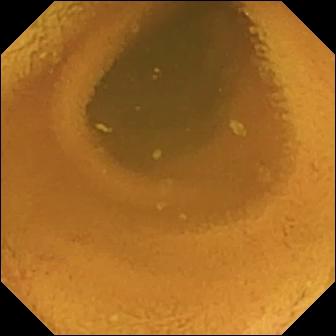Q: What does this capsule endoscopy frame of the small bowel show?
A: Normal clean mucosa.